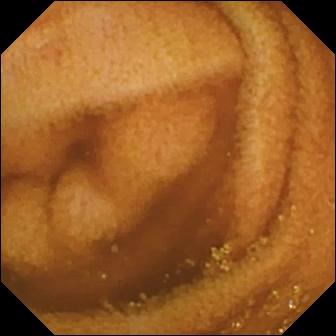modality: WCE | finding: normal clean mucosa